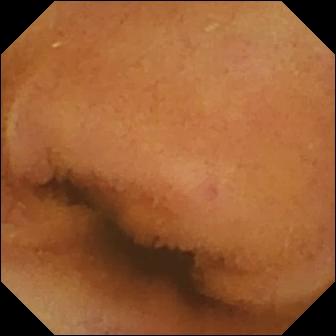PROCEDURE: Small-bowel capsule endoscopy.
SEGMENT: Small bowel.
FINDINGS: Normal clean mucosa.